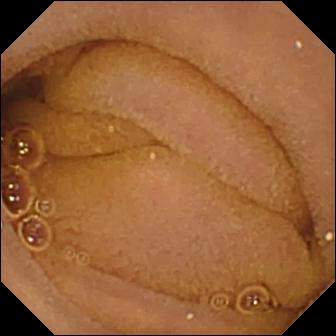Normal clean mucosa — small-bowel capsule endoscopy view of the small intestine.